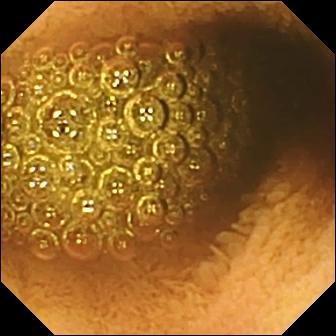Capsule endoscopy still, small bowel
Finding: reduced mucosal view (content or bubbles obscuring the mucosa)